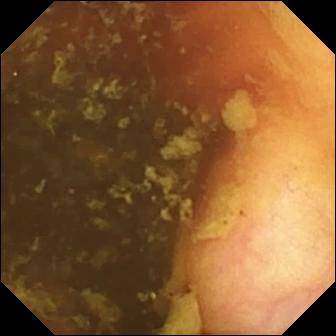Small-bowel capsule endoscopy still taken in the ileo-cecal valve region.